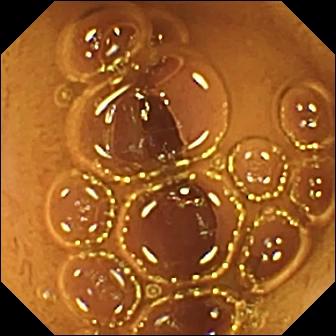{"modality": "capsule endoscopy", "finding": "normal clean mucosa"}